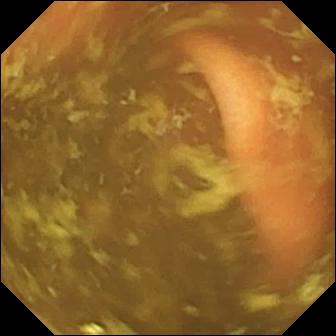Small-bowel capsule endoscopy. Position: ileo-cecal valve region.